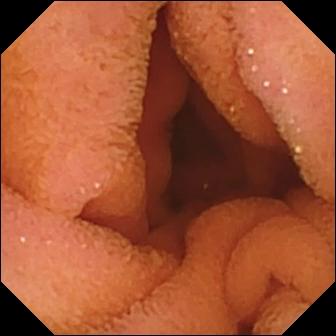- modality: video capsule endoscopy
- label: normal clean mucosa